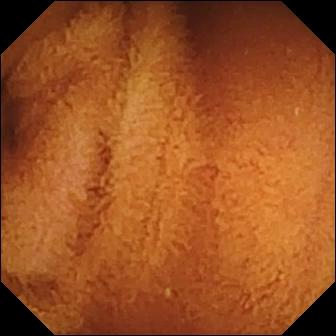VCE. Observation: normal clean mucosa.